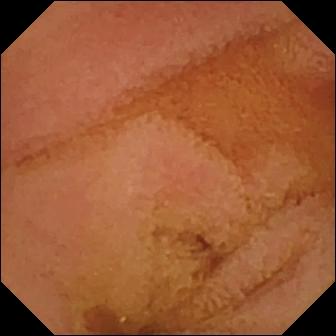WCE. Small intestine. Luminal finding. Finding: normal clean mucosa.